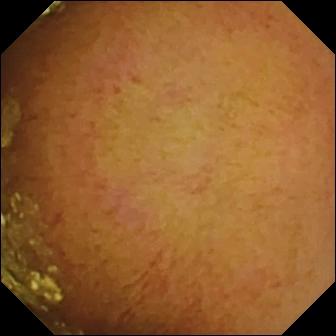WCE view, small bowel
Observation: normal clean mucosa